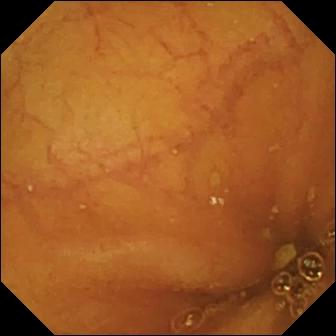WCE image
Location: ileo-cecal valve region